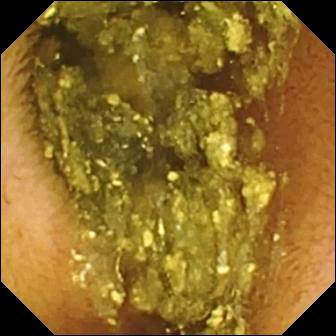PROCEDURE: Wireless capsule endoscopy.
SEGMENT: Small intestine.
FINDINGS: Normal clean mucosa.